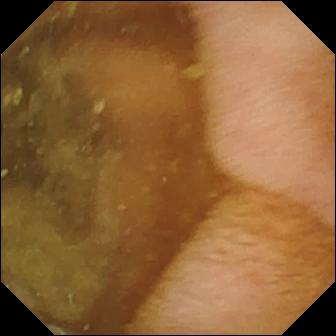modality: VCE | category: anatomical landmark | position: pylorus region